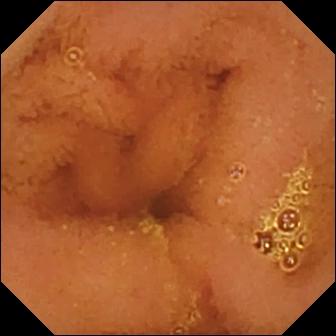Normal clean mucosa.